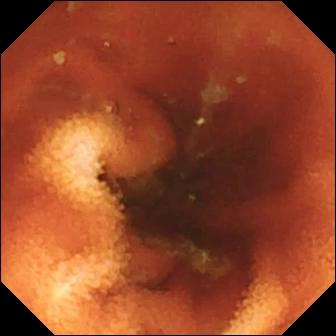{"modality": "wireless capsule endoscopy", "position": "ileo-cecal valve region (where the capsule passes from the small bowel into the large bowel)"}